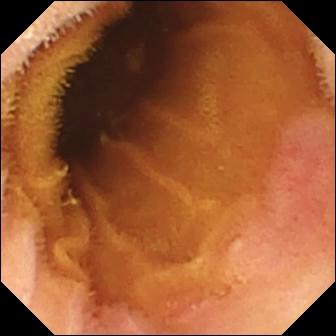Q: What does this VCE still show?
A: Erosion.